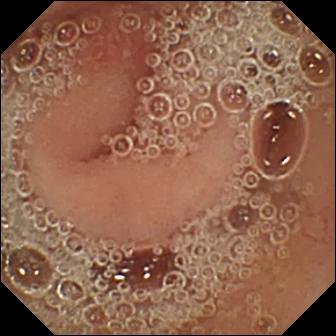- modality: wireless capsule endoscopy
- video segment: pylorus region